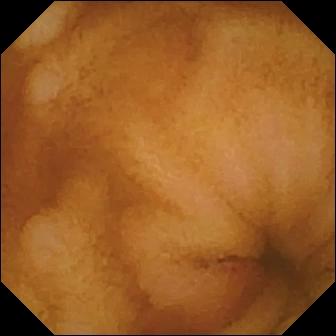Video capsule endoscopy frame
Observation: erosion